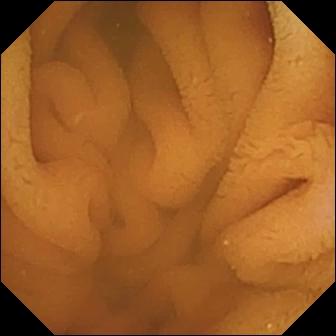Q: What does this capsule endoscopy image of the small intestine show?
A: Normal clean mucosa.